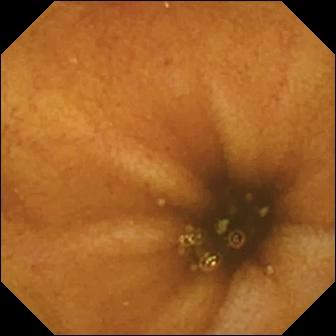{"modality": "WCE", "finding": "normal clean mucosa"}